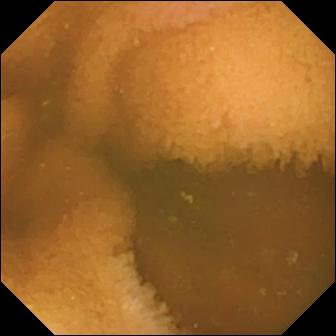Wireless capsule endoscopy. Small bowel. Finding: normal clean mucosa.